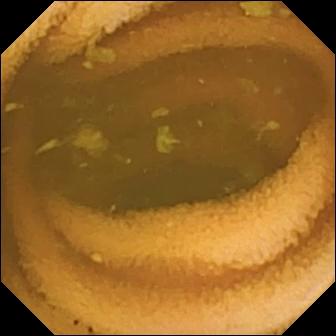{"modality": "capsule endoscopy", "category": "luminal finding", "finding": "normal clean mucosa"}